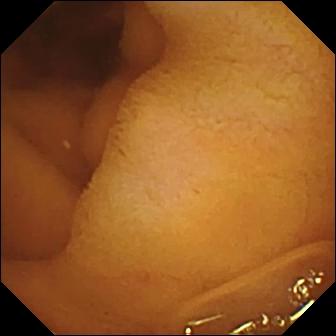Wireless capsule endoscopy view showing normal clean mucosa.